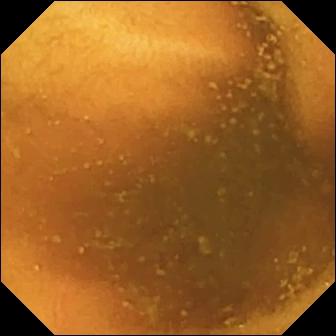modality: small-bowel capsule endoscopy; segment: small bowel; observation: normal clean mucosa